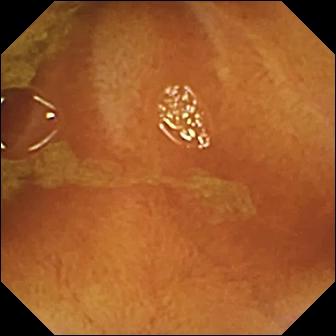Video capsule endoscopy — normal clean mucosa.